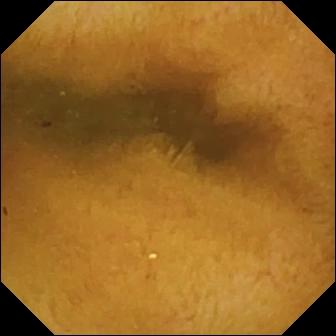modality: capsule endoscopy | segment: small intestine | finding: normal clean mucosa